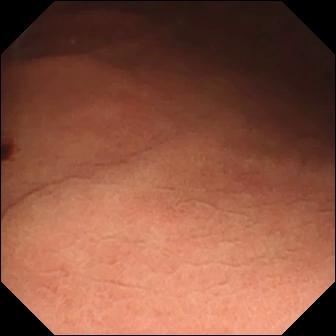Small-bowel capsule endoscopy still, 336×336. Angiectasia.